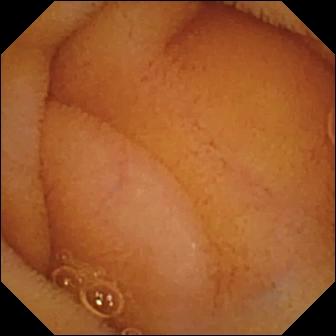WCE. Label: normal clean mucosa.